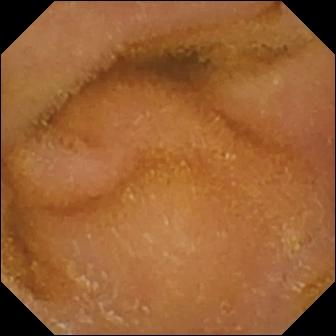Capsule endoscopy — normal clean mucosa.